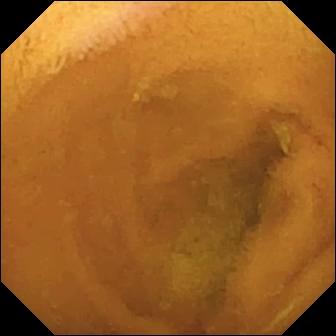Normal clean mucosa — WCE view.